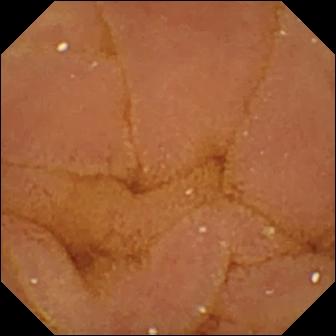Capsule endoscopy frame
Label: normal clean mucosa